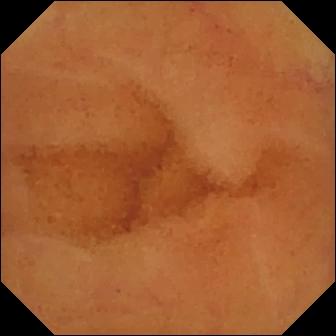Video capsule endoscopy — normal clean mucosa.